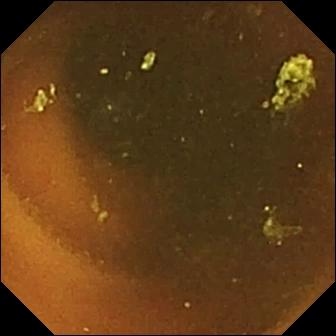Normal clean mucosa — VCE snapshot of the small intestine.